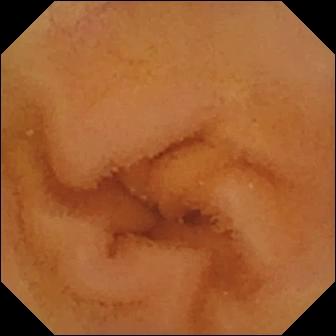{"modality": "VCE", "segment": "small intestine", "category": "luminal finding", "finding": "normal clean mucosa"}